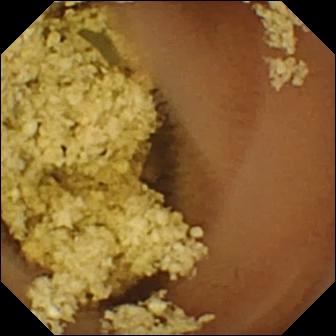{"modality": "capsule endoscopy", "finding": "normal clean mucosa"}